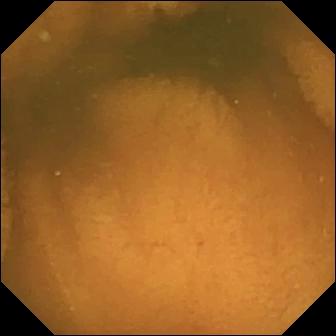Normal clean mucosa.